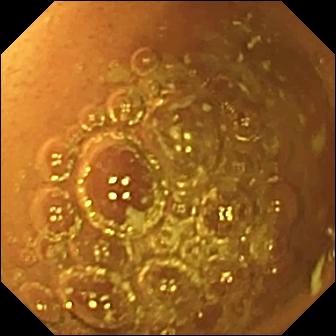Video capsule endoscopy image, small intestine
Impression: normal clean mucosa